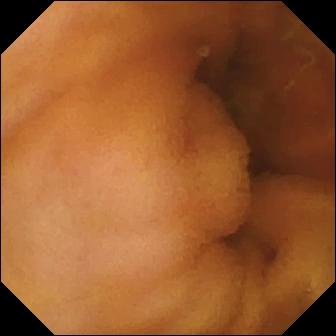modality: wireless capsule endoscopy; finding: normal clean mucosa